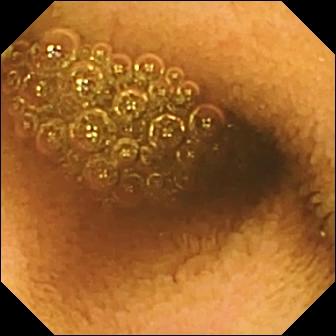VCE — reduced mucosal view (content or bubbles obscuring the mucosa).